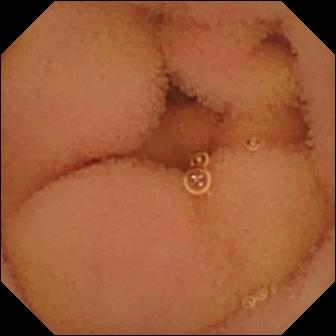- modality: capsule endoscopy
- segment: small bowel
- category: luminal finding
- observation: normal clean mucosa